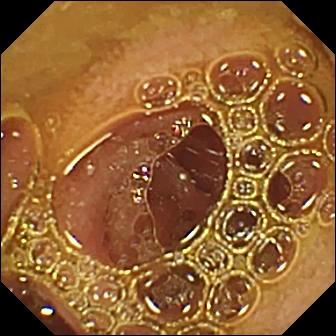PROCEDURE: Wireless capsule endoscopy.
FINDINGS: Normal clean mucosa.